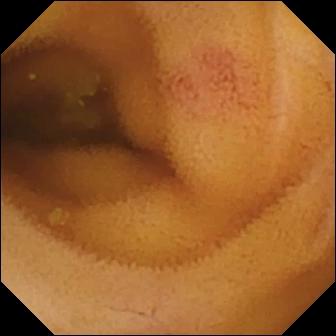WCE — angiectasia.